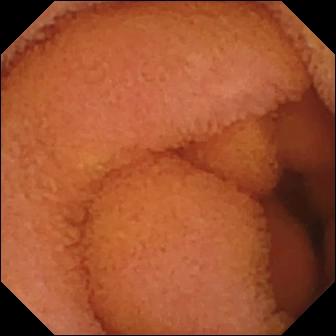PROCEDURE: Capsule endoscopy.
SEGMENT: Small bowel.
FINDINGS: Normal clean mucosa.